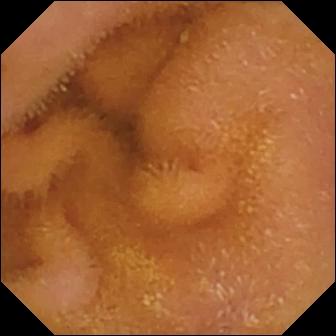- modality: wireless capsule endoscopy
- segment: small bowel
- category: luminal finding
- impression: normal clean mucosa